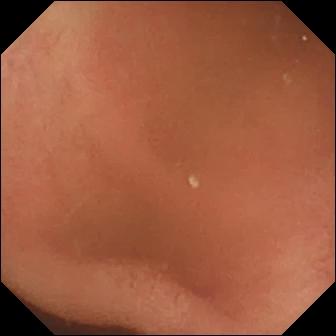modality: small-bowel capsule endoscopy
video segment: pylorus region (the junction between the stomach and the small bowel)